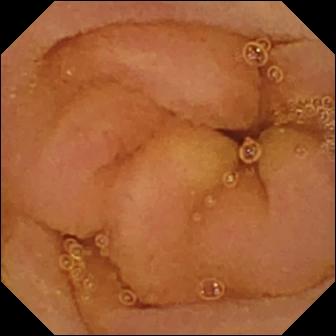modality: WCE
label: normal clean mucosa